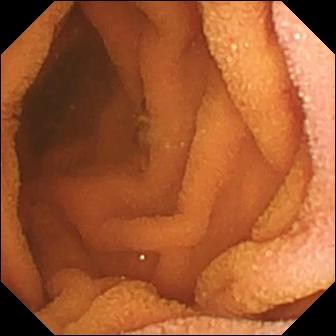PROCEDURE: Video capsule endoscopy.
FINDINGS: Normal clean mucosa.